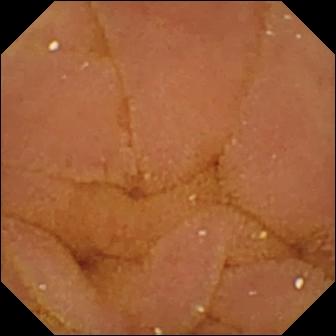This WCE view shows normal clean mucosa.